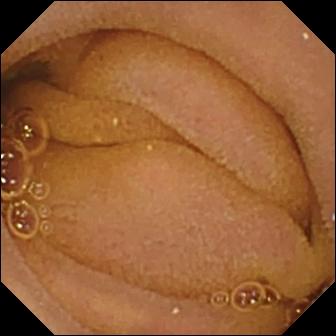Q: What does this VCE snapshot show?
A: Normal clean mucosa.